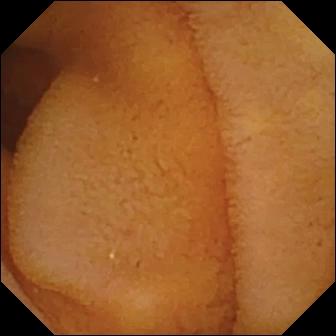PROCEDURE: Small-bowel capsule endoscopy.
FINDINGS: Normal clean mucosa.